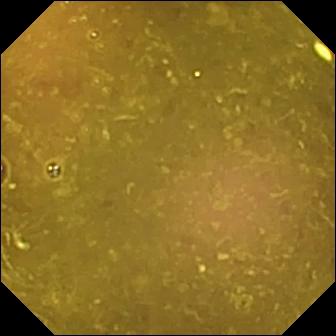Reduced mucosal view (content or bubbles obscuring the mucosa) — VCE image of the small bowel.